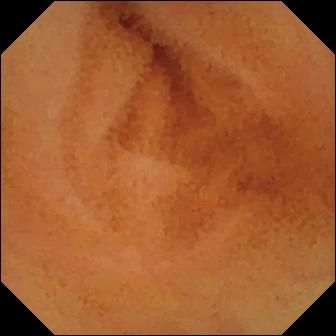PROCEDURE: VCE.
SEGMENT: Small intestine.
FINDINGS: Normal clean mucosa.